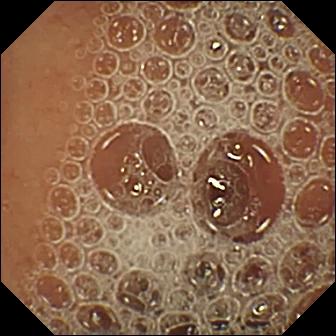Capsule endoscopy still. Normal clean mucosa.